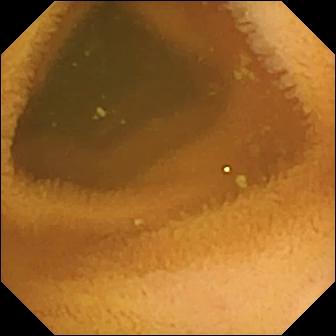Q: What does this capsule endoscopy frame show?
A: Normal clean mucosa.